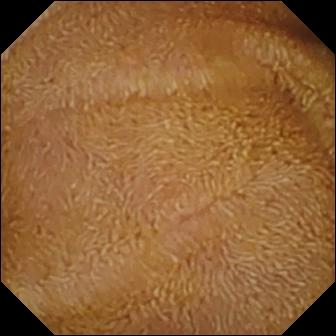Normal clean mucosa — wireless capsule endoscopy frame of the small bowel.